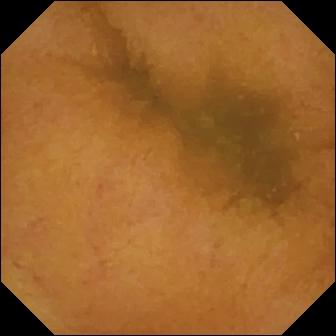Normal clean mucosa.